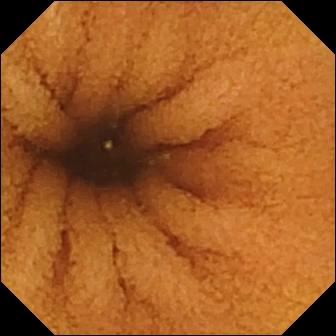VCE snapshot, small intestine
Label: normal clean mucosa